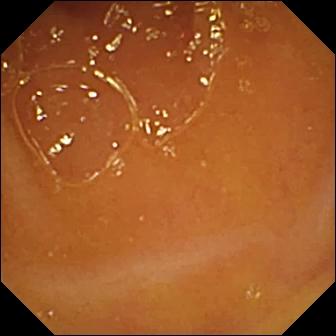Video capsule endoscopy. Small bowel. Luminal finding. Observation: normal clean mucosa.